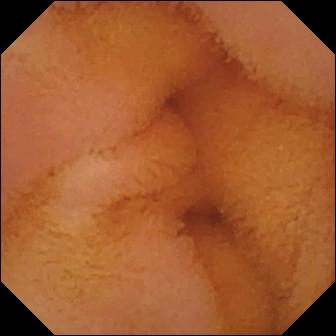{"modality": "capsule endoscopy", "category": "luminal finding", "finding": "normal clean mucosa"}